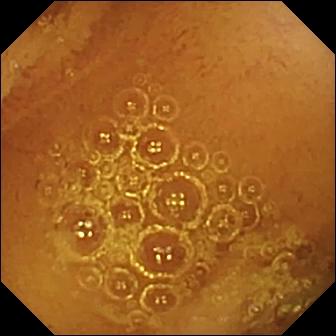WCE view showing normal clean mucosa.